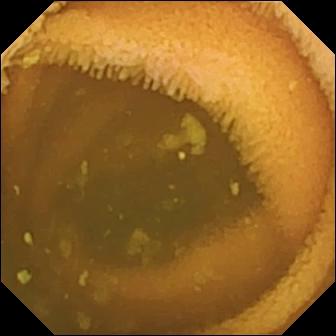This capsule endoscopy image of the small intestine shows normal clean mucosa.